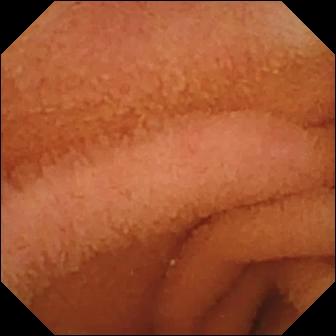VCE snapshot of the small intestine showing normal clean mucosa.